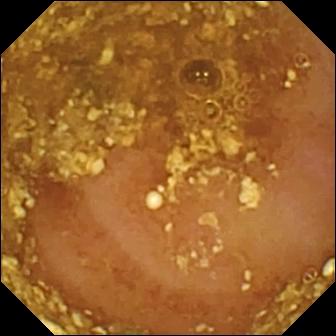- modality: video capsule endoscopy
- segment: small bowel
- category: luminal finding
- impression: reduced mucosal view (content or bubbles obscuring the mucosa)